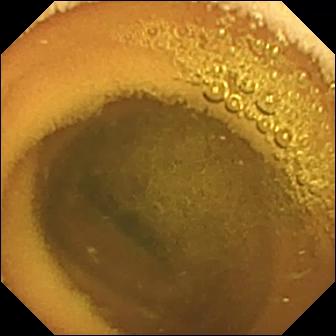Normal clean mucosa — WCE view.